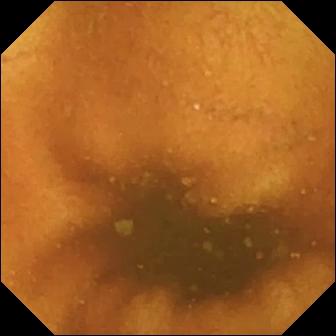Normal clean mucosa — VCE still.